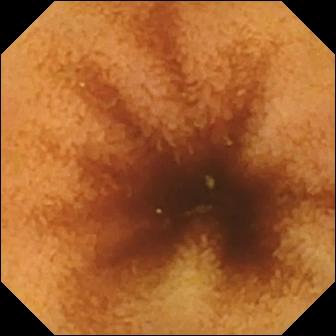Wireless capsule endoscopy image (small intestine), 336×336. Normal clean mucosa.